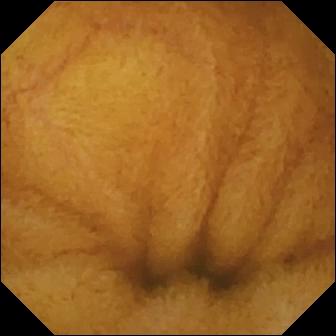Normal clean mucosa — small-bowel capsule endoscopy frame.